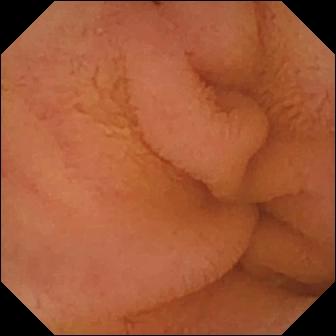Video capsule endoscopy view showing normal clean mucosa.